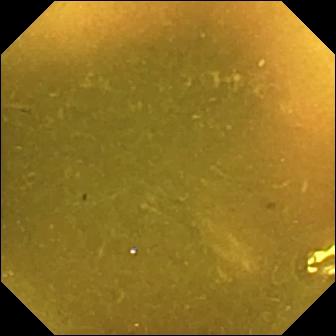This WCE image was taken in the ileo-cecal valve region (the transition from the small bowel to the large bowel).